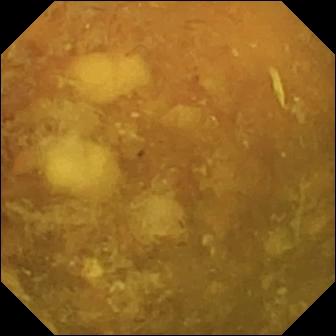This VCE view of the small intestine shows reduced mucosal view (content or bubbles obscuring the mucosa).